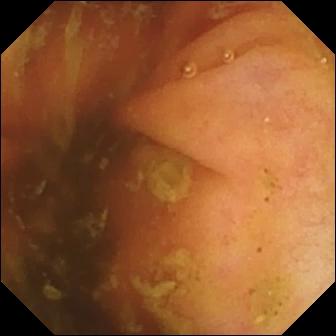Wireless capsule endoscopy — ileo-cecal valve region.